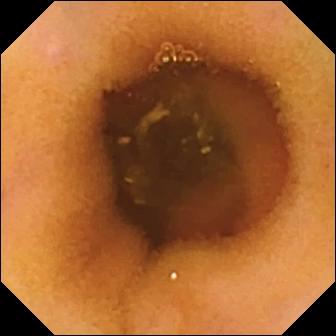WCE snapshot. Normal clean mucosa.